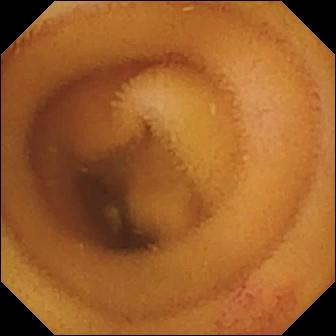modality: WCE; label: angiectasia